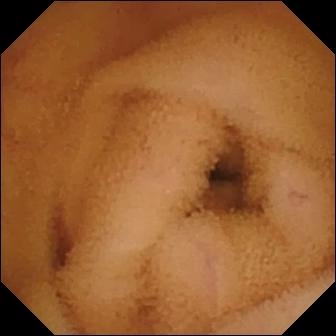{"modality": "video capsule endoscopy", "segment": "small bowel", "finding": "normal clean mucosa"}